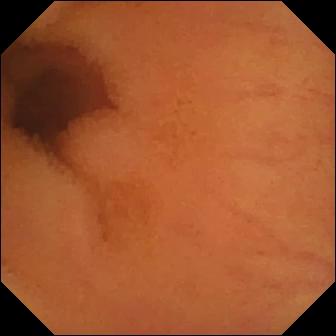PROCEDURE: Wireless capsule endoscopy.
FINDINGS: Normal clean mucosa.